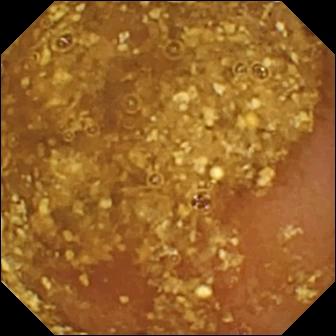Reduced mucosal view (content or bubbles obscuring the mucosa) — wireless capsule endoscopy frame.